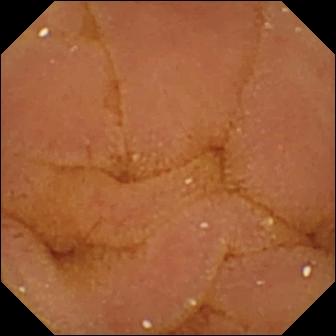VCE view
Label: normal clean mucosa